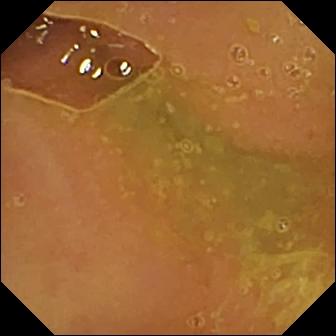modality: video capsule endoscopy
impression: normal clean mucosa